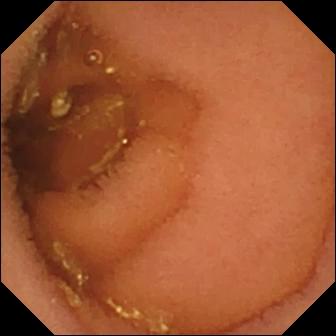Video capsule endoscopy view of the small intestine showing normal clean mucosa.